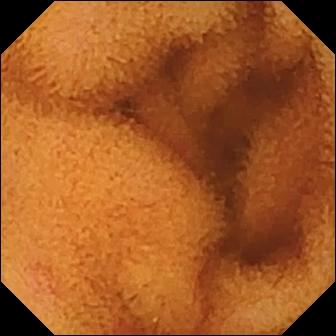Small-bowel capsule endoscopy — normal clean mucosa.